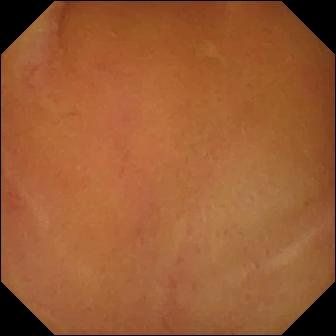Normal clean mucosa — wireless capsule endoscopy view.